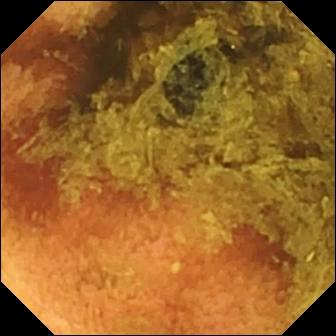- modality: WCE
- segment: small intestine
- category: luminal finding
- label: normal clean mucosa